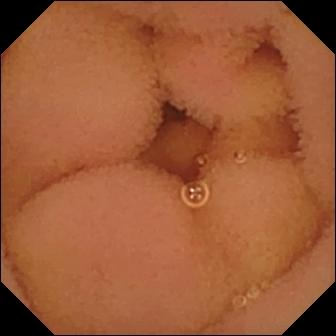{"modality": "WCE", "segment": "small intestine", "category": "luminal finding", "finding": "normal clean mucosa"}